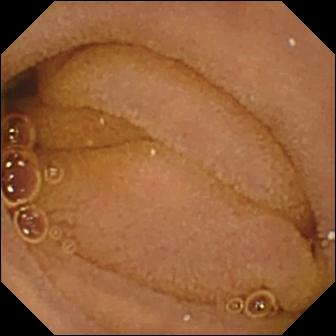WCE — normal clean mucosa.